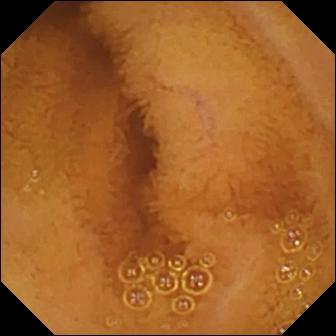Capsule endoscopy view
Label: normal clean mucosa